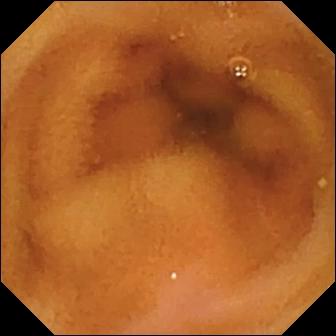Q: What does this VCE still of the small bowel show?
A: Normal clean mucosa.